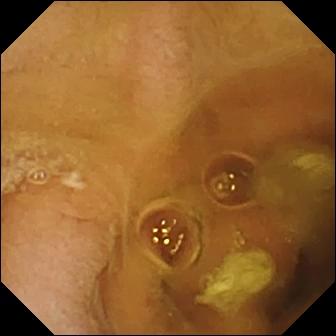VCE view. Normal clean mucosa.